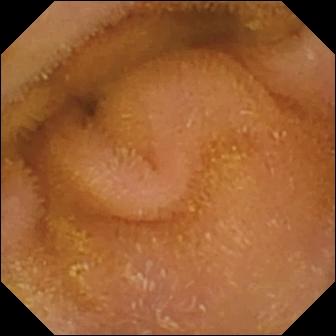{"modality": "capsule endoscopy", "segment": "small bowel", "finding": "normal clean mucosa"}